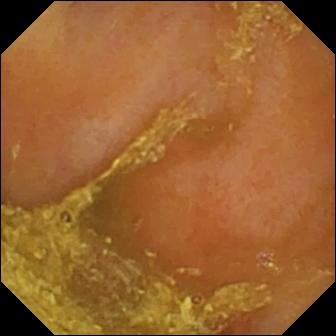This VCE image shows reduced mucosal view (content or bubbles obscuring the mucosa).